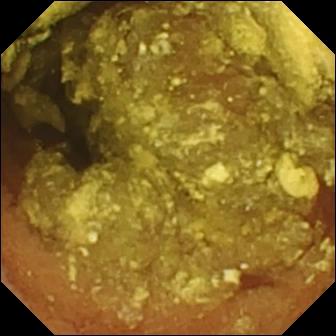{"modality": "VCE", "segment": "small intestine", "finding": "normal clean mucosa"}